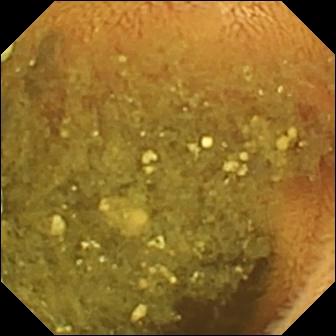Video capsule endoscopy — reduced mucosal view (content or bubbles obscuring the mucosa).